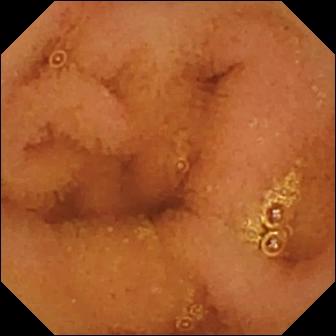Video capsule endoscopy — normal clean mucosa.